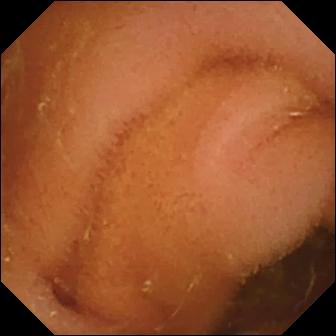WCE — normal clean mucosa.